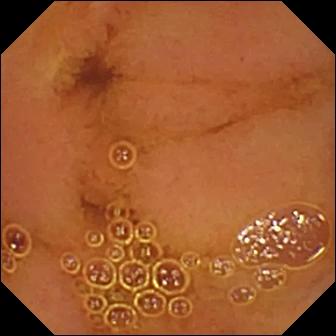Normal clean mucosa.